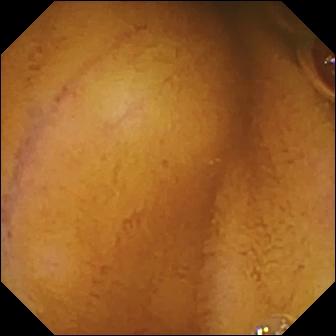Normal clean mucosa — WCE still.